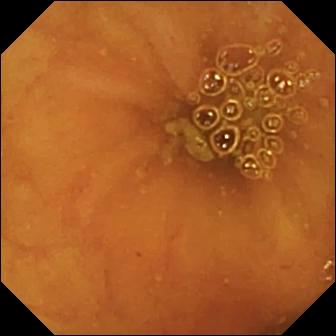modality: wireless capsule endoscopy | location: ileo-cecal valve region (the transition from the small bowel to the large bowel)